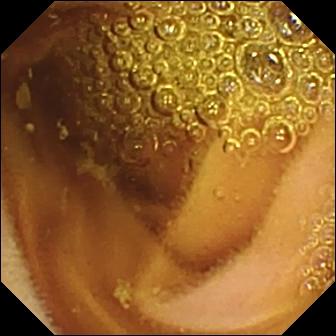Capsule endoscopy image
Finding: normal clean mucosa